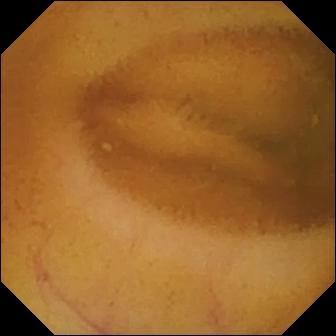Normal clean mucosa.